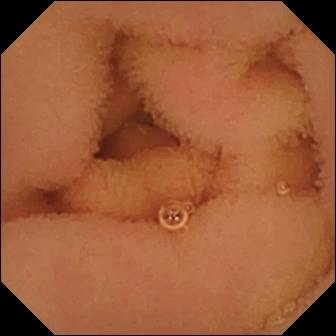Capsule endoscopy image showing normal clean mucosa.